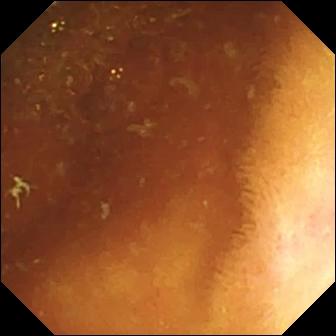VCE — normal clean mucosa.